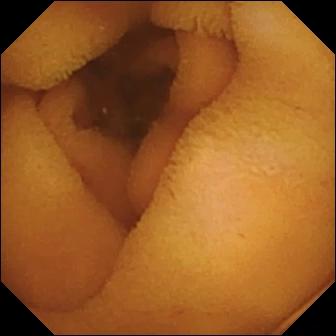- modality: small-bowel capsule endoscopy
- category: luminal finding
- finding: normal clean mucosa